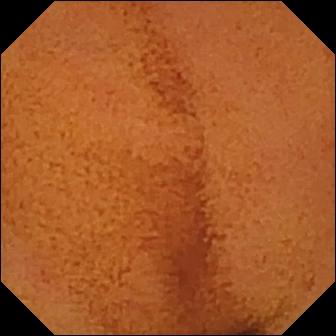This VCE still shows normal clean mucosa.